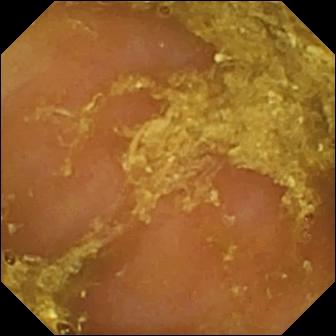Wireless capsule endoscopy view (small intestine), 336×336. Reduced mucosal view (content or bubbles obscuring the mucosa).